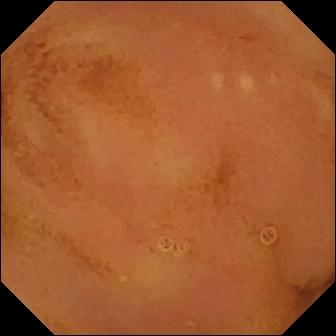- modality: WCE
- segment: small intestine
- label: normal clean mucosa